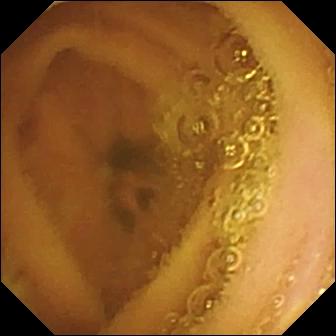Q: What does this WCE still show?
A: Normal clean mucosa.